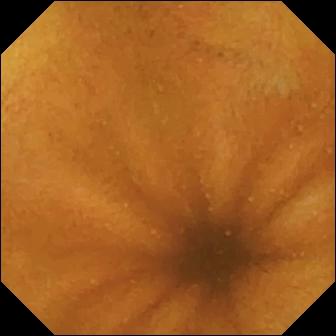Capsule endoscopy frame showing normal clean mucosa.